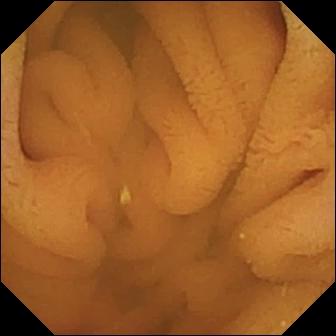VCE frame. Normal clean mucosa.